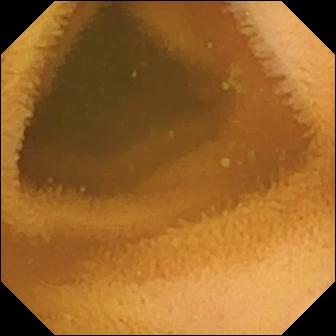modality: video capsule endoscopy; category: luminal finding; finding: normal clean mucosa